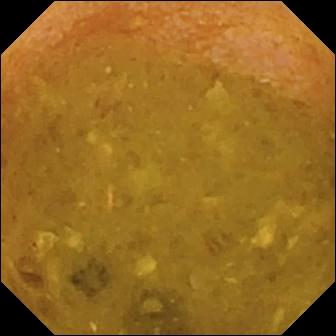Q: What does this video capsule endoscopy snapshot show?
A: Reduced mucosal view (content or bubbles obscuring the mucosa).